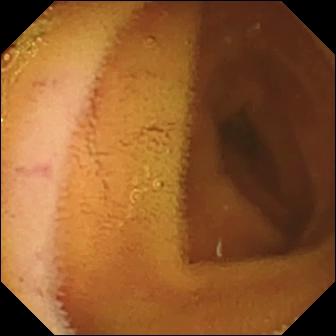PROCEDURE: VCE.
FINDINGS: Normal clean mucosa.